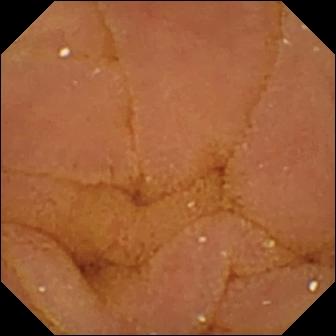Normal clean mucosa — capsule endoscopy view.